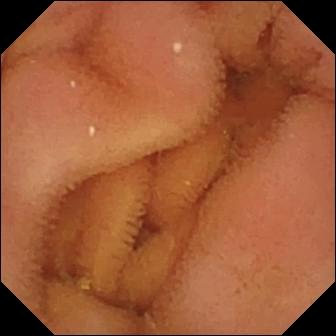Video capsule endoscopy image (small bowel), 336×336. Normal clean mucosa.